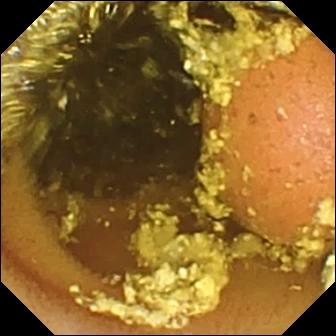PROCEDURE: Video capsule endoscopy.
FINDINGS: Foreign body (e.g. retained capsule, tablet residue).